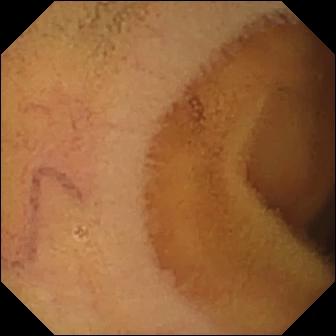Q: What does this capsule endoscopy view show?
A: Normal clean mucosa.